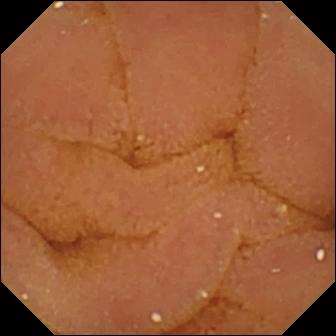Wireless capsule endoscopy. Small intestine. Label: normal clean mucosa.